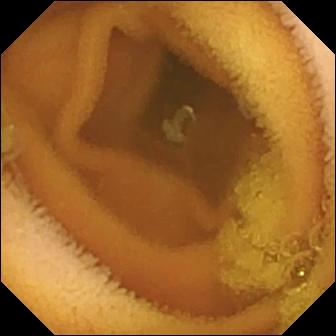Video capsule endoscopy image of the small intestine showing normal clean mucosa.